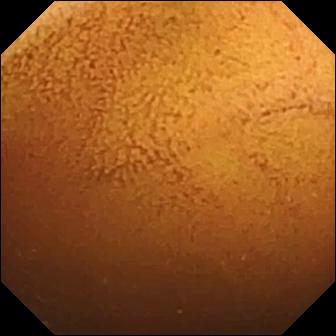WCE still of the small intestine showing normal clean mucosa.